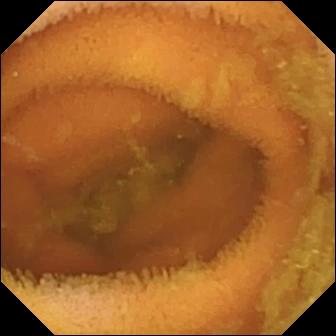modality: wireless capsule endoscopy; label: normal clean mucosa